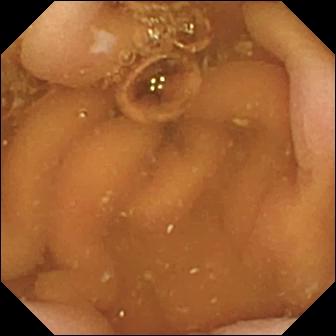WCE. Label: pylorus region (where the capsule passes from the stomach into the small bowel).